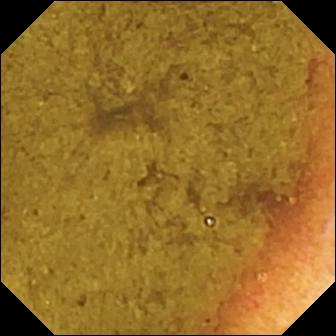Wireless capsule endoscopy. Near an anatomical landmark. Video segment: ileo-cecal valve region (where the capsule passes from the small bowel into the large bowel).